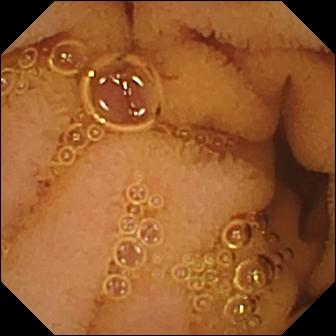Small-bowel capsule endoscopy frame of the small intestine showing normal clean mucosa.